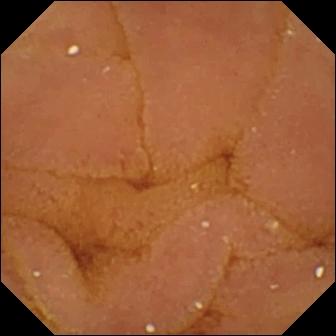VCE still showing normal clean mucosa.